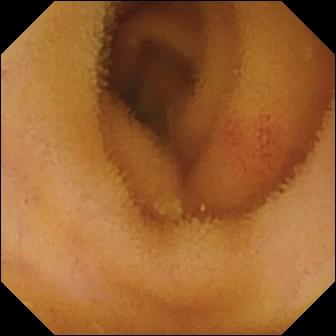This VCE snapshot shows angiectasia.